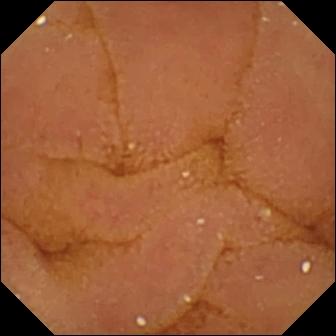- modality: WCE
- observation: normal clean mucosa